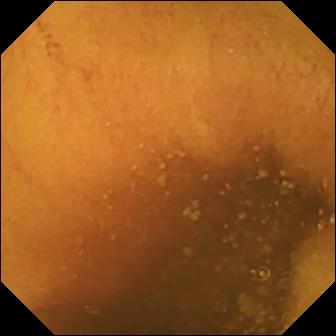{"modality": "capsule endoscopy", "finding": "normal clean mucosa"}